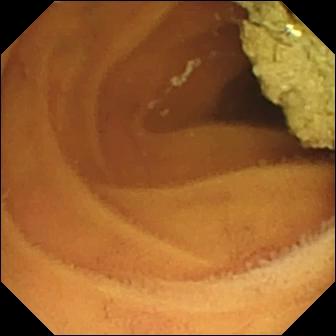Wireless capsule endoscopy — normal clean mucosa.